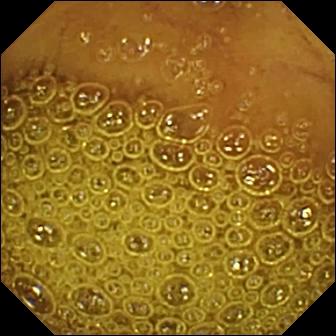Q: What does this VCE snapshot show?
A: Normal clean mucosa.